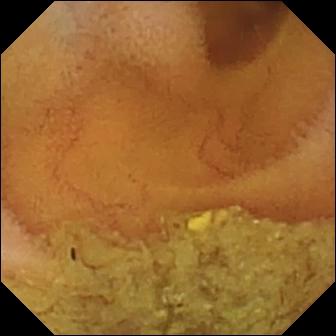Capsule endoscopy view of the small bowel showing normal clean mucosa.